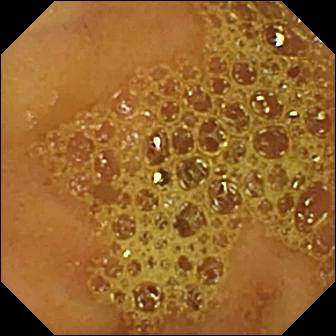Ileo-cecal valve region (where the capsule passes from the small bowel into the large bowel), 336×336.